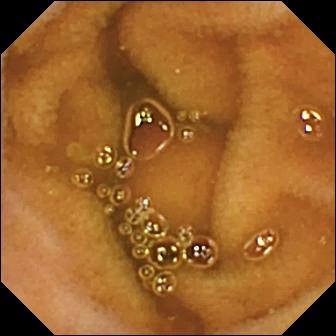Video capsule endoscopy — normal clean mucosa.